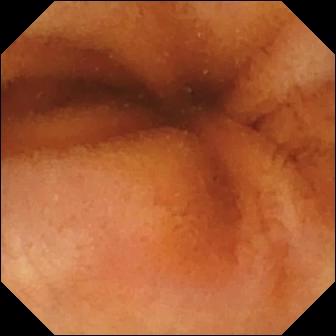This wireless capsule endoscopy snapshot of the small intestine shows normal clean mucosa.